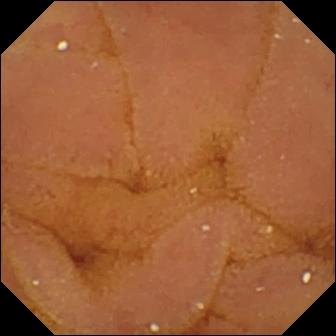Q: What does this video capsule endoscopy snapshot of the small intestine show?
A: Normal clean mucosa.